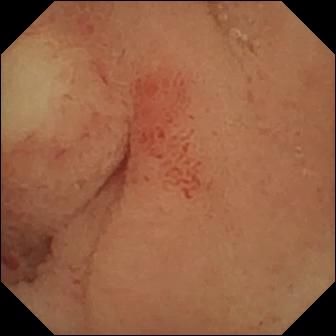Wireless capsule endoscopy — ulcer.